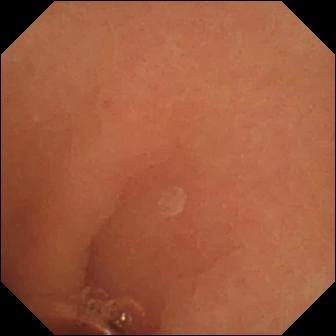{"modality": "WCE", "finding": "normal clean mucosa"}